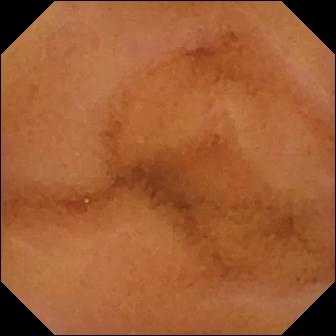modality: WCE | segment: small intestine | finding: normal clean mucosa